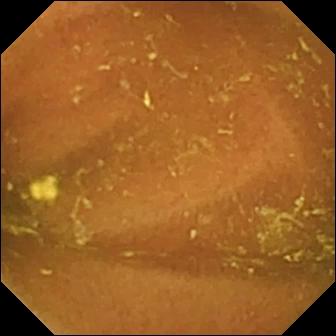- modality: capsule endoscopy
- label: ileo-cecal valve region (where the capsule passes from the small bowel into the large bowel)